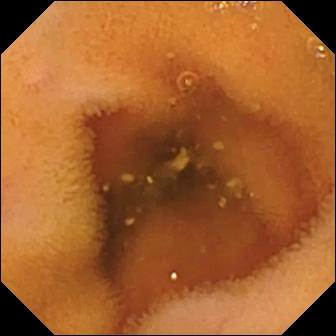This VCE view of the small bowel shows normal clean mucosa.